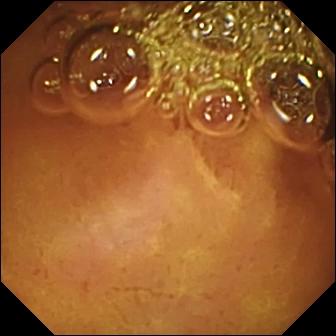- modality: small-bowel capsule endoscopy
- segment: small intestine
- observation: normal clean mucosa